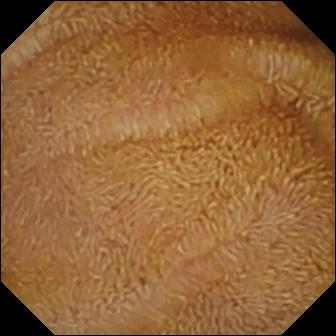Small-bowel capsule endoscopy view
Observation: normal clean mucosa